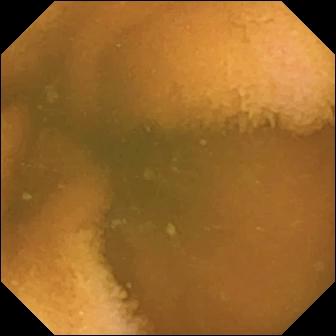WCE frame of the small intestine showing normal clean mucosa.